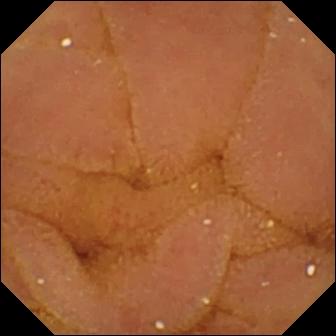Wireless capsule endoscopy — normal clean mucosa.